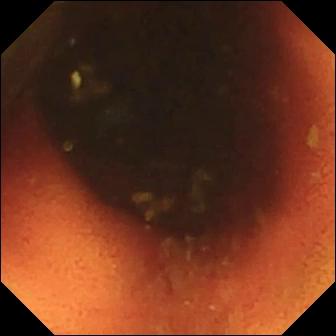This VCE frame was taken in the ileo-cecal valve region (the transition from the small bowel to the large bowel).